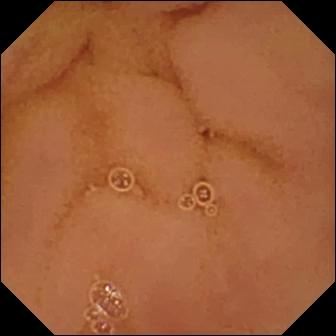PROCEDURE: WCE.
FINDINGS: Normal clean mucosa.